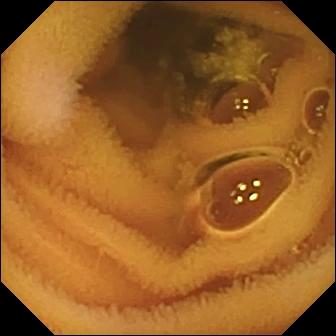VCE — normal clean mucosa.